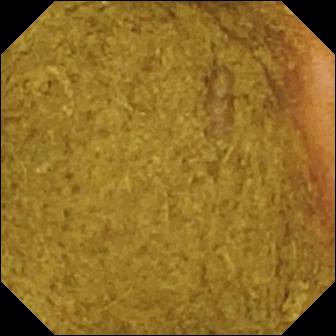Capsule endoscopy image, 336×336. Taken in the ileo-cecal valve region (the transition from the small bowel to the large bowel).